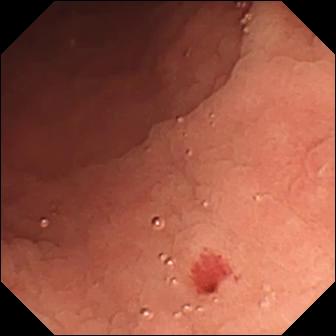PROCEDURE: VCE.
FINDINGS: Angiectasia.